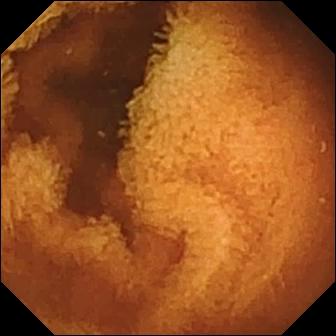Video capsule endoscopy image of the small intestine showing normal clean mucosa.